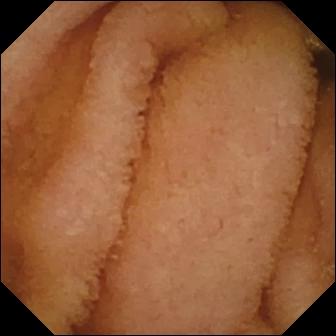This wireless capsule endoscopy view shows normal clean mucosa.